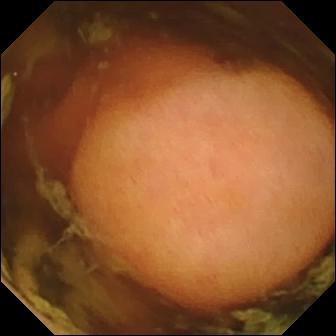Polyp.